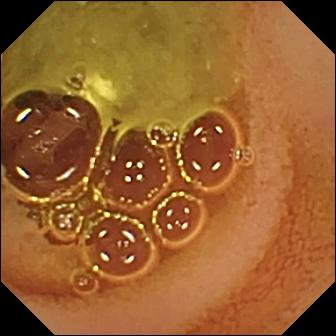VCE frame, small intestine
Finding: normal clean mucosa